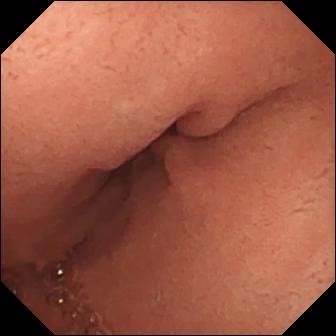PROCEDURE: VCE.
LOCATION: Pylorus region.